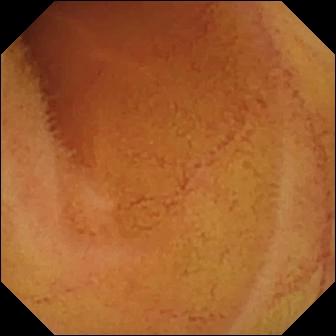Video capsule endoscopy snapshot, small intestine
Label: normal clean mucosa